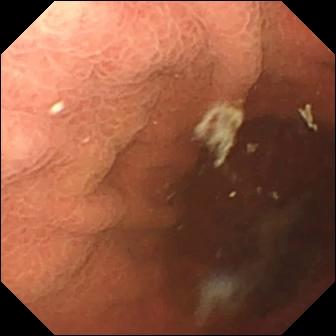VCE view
Video segment: pylorus region